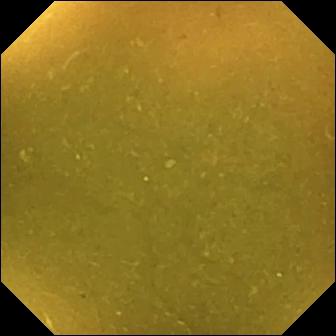- modality: small-bowel capsule endoscopy
- label: ileo-cecal valve region